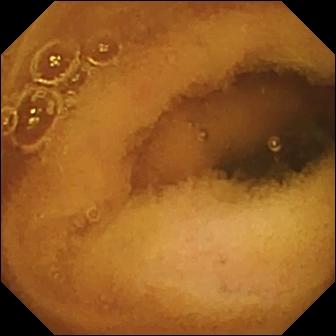Wireless capsule endoscopy frame showing normal clean mucosa.